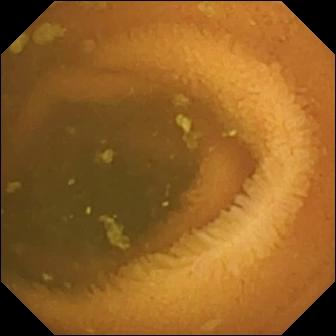Video capsule endoscopy snapshot showing normal clean mucosa.